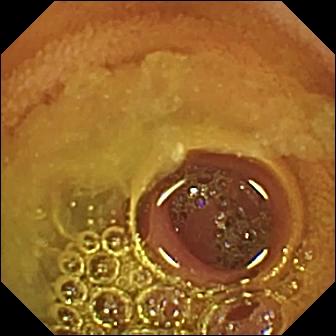- modality: small-bowel capsule endoscopy
- segment: small bowel
- observation: normal clean mucosa